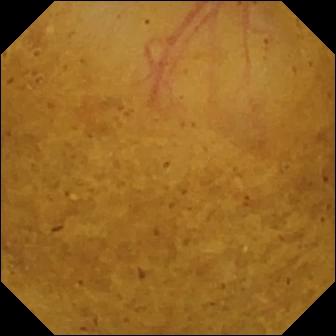PROCEDURE: Small-bowel capsule endoscopy.
LOCATION: Ileo-cecal valve region (where the capsule passes from the small bowel into the large bowel).